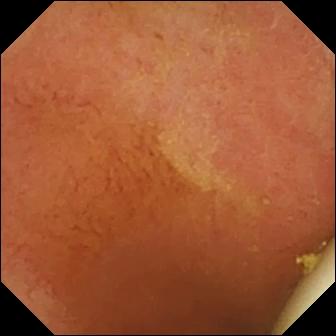This VCE image shows foreign body (e.g. retained capsule, tablet residue).